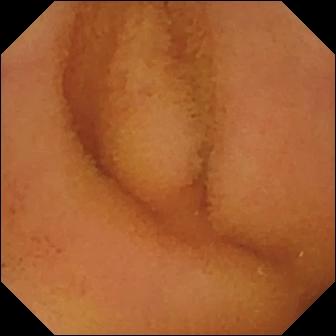This video capsule endoscopy snapshot shows normal clean mucosa.